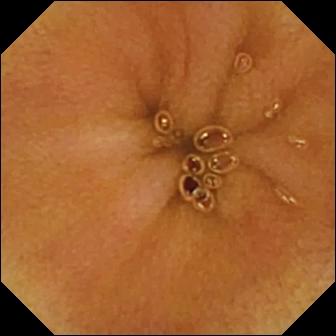PROCEDURE: Video capsule endoscopy.
FINDINGS: Normal clean mucosa.